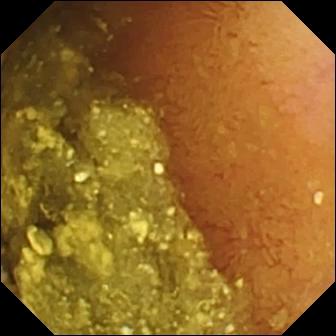modality: wireless capsule endoscopy; label: normal clean mucosa